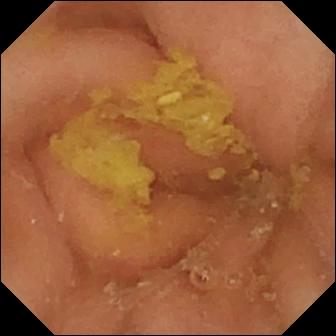VCE. Video segment: pylorus region (where the capsule passes from the stomach into the small bowel).